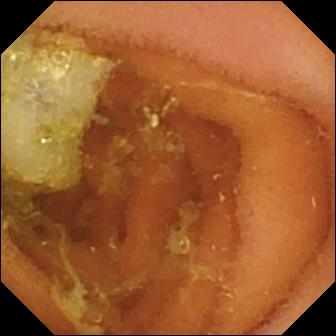Normal clean mucosa — small-bowel capsule endoscopy snapshot of the small bowel.